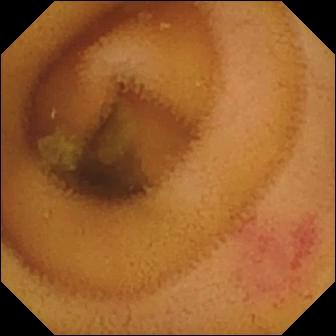WCE still
Label: angiectasia